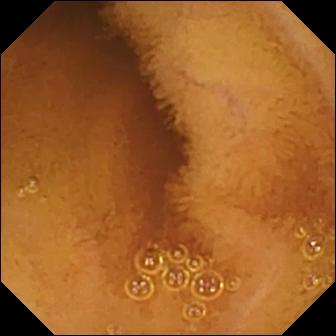Normal clean mucosa — capsule endoscopy still of the small intestine.